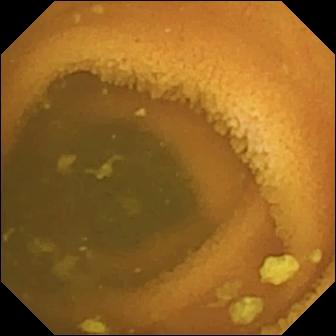PROCEDURE: Capsule endoscopy.
FINDINGS: Normal clean mucosa.